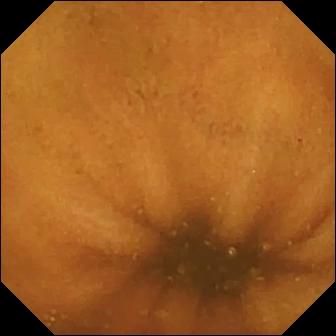- modality: VCE
- finding: normal clean mucosa